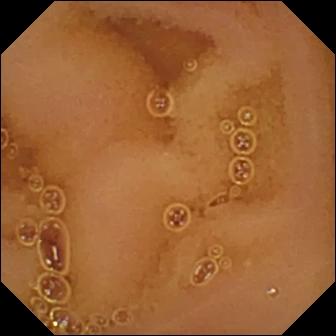PROCEDURE: Video capsule endoscopy.
SEGMENT: Small bowel.
FINDINGS: Normal clean mucosa.